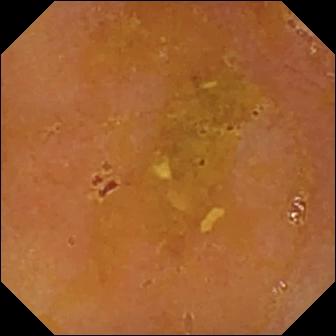This video capsule endoscopy still shows reduced mucosal view (content or bubbles obscuring the mucosa).